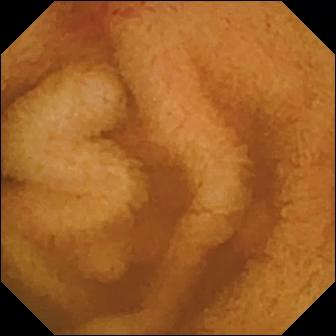Video capsule endoscopy. Finding: erosion.